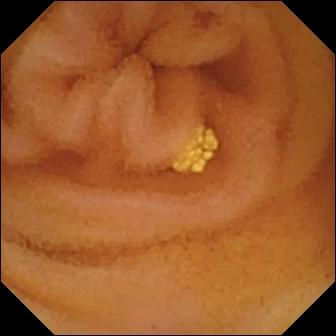- modality: VCE
- label: lymphangiectasia